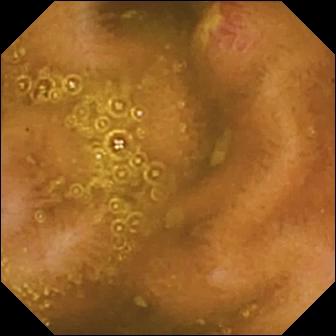{"modality": "wireless capsule endoscopy", "category": "luminal finding", "finding": "ulcer"}